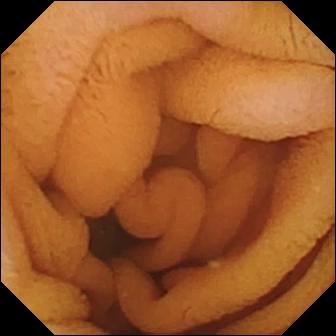PROCEDURE: Small-bowel capsule endoscopy.
SEGMENT: Small intestine.
FINDINGS: Normal clean mucosa.